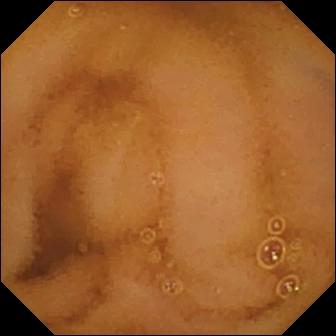VCE frame of the small intestine showing normal clean mucosa.